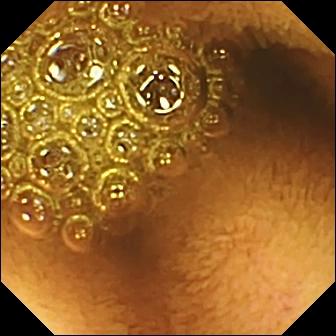VCE frame (small bowel). Reduced mucosal view (content or bubbles obscuring the mucosa).